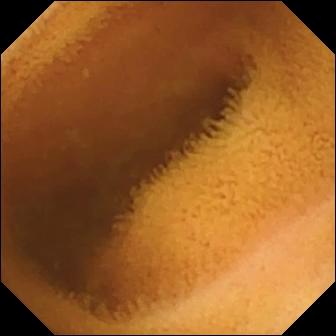VCE snapshot showing normal clean mucosa.